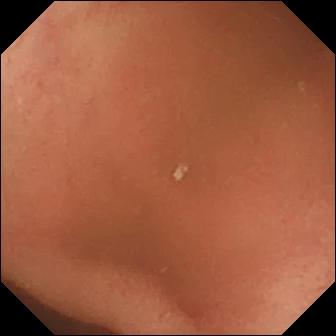This video capsule endoscopy frame was taken in the pylorus region (the junction between the stomach and the small bowel).